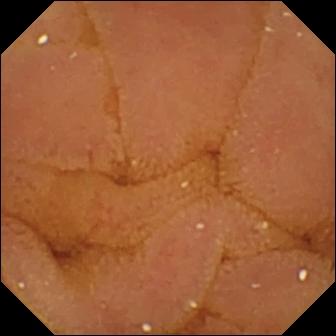Capsule endoscopy frame
Label: normal clean mucosa